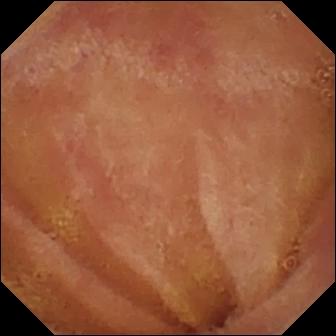{"modality": "capsule endoscopy", "finding": "normal clean mucosa"}